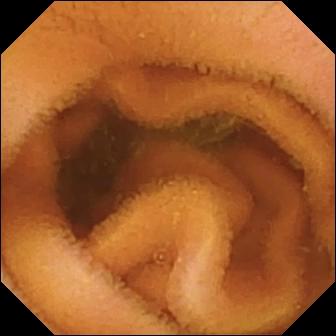Q: What does this small-bowel capsule endoscopy view of the small intestine show?
A: Normal clean mucosa.